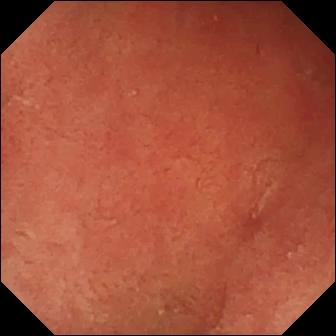PROCEDURE: WCE.
POSITION: Pylorus region (the junction between the stomach and the small bowel).